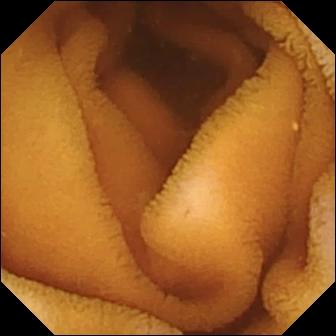Video capsule endoscopy image. Normal clean mucosa.